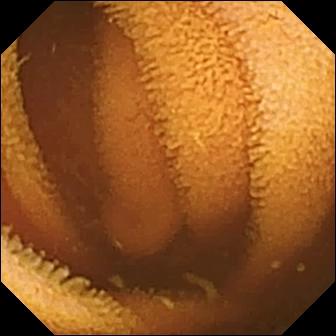Wireless capsule endoscopy view of the small intestine showing normal clean mucosa.